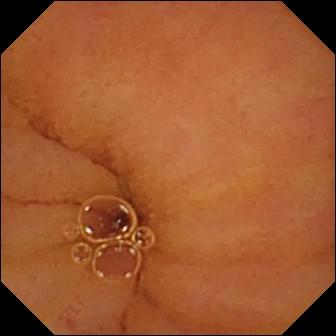Normal clean mucosa — small-bowel capsule endoscopy frame of the small bowel.